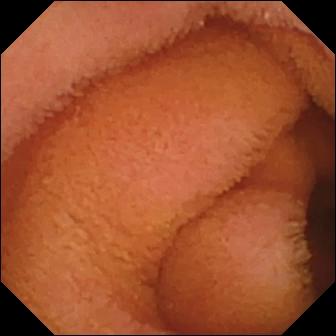{"modality": "VCE", "segment": "small bowel", "finding": "normal clean mucosa"}